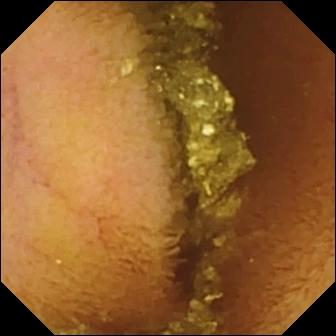Capsule endoscopy still. Normal clean mucosa.